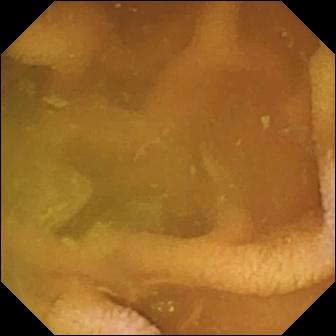Q: What does this small-bowel capsule endoscopy view show?
A: Normal clean mucosa.